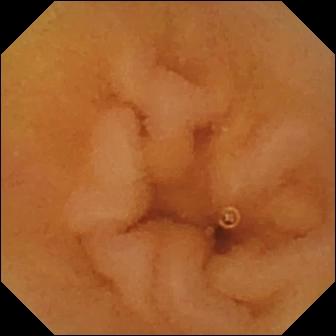Wireless capsule endoscopy. Luminal finding. Impression: normal clean mucosa.